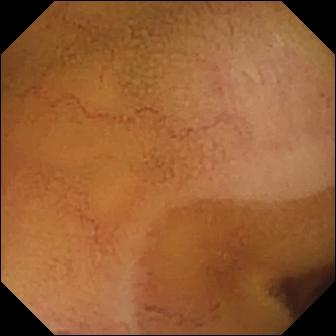VCE — normal clean mucosa.